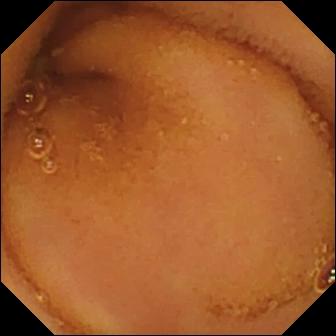modality: capsule endoscopy | impression: normal clean mucosa